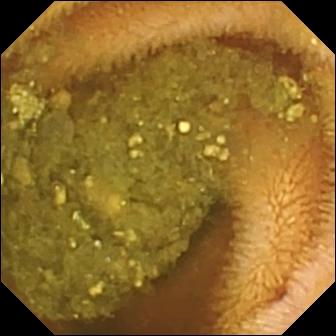This video capsule endoscopy snapshot shows reduced mucosal view (content or bubbles obscuring the mucosa).